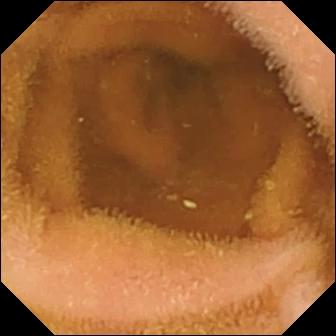{"modality": "wireless capsule endoscopy", "segment": "small intestine", "finding": "normal clean mucosa"}